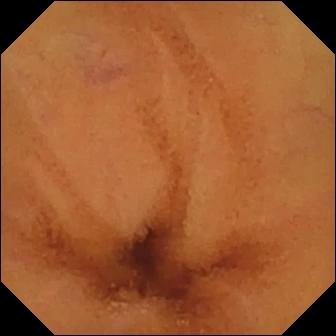modality: video capsule endoscopy; segment: small intestine; category: luminal finding; finding: normal clean mucosa